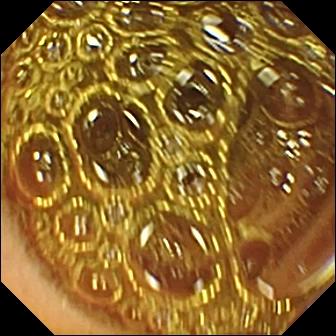Normal clean mucosa.